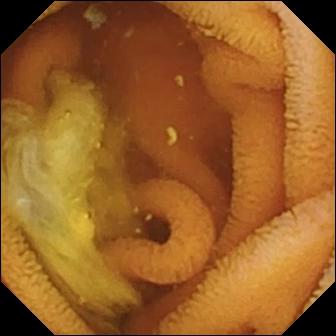Normal clean mucosa — video capsule endoscopy snapshot of the small intestine.